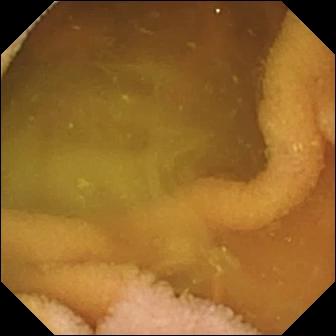This capsule endoscopy frame of the small intestine shows normal clean mucosa.